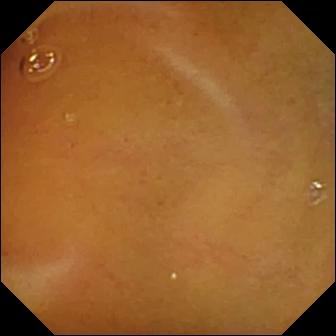Normal clean mucosa.